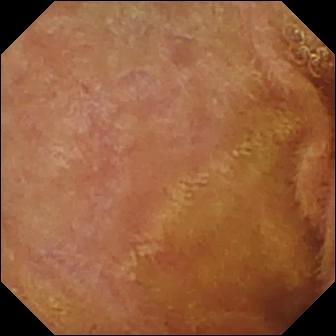Wireless capsule endoscopy frame showing normal clean mucosa.